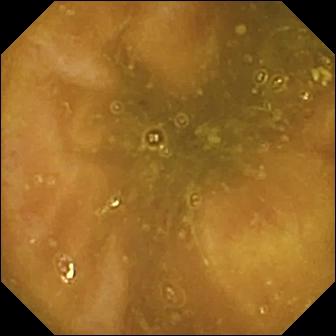- modality: WCE
- observation: reduced mucosal view (content or bubbles obscuring the mucosa)